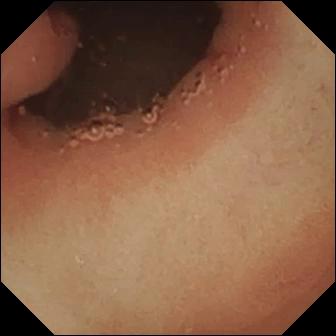This WCE snapshot was taken in the pylorus region.